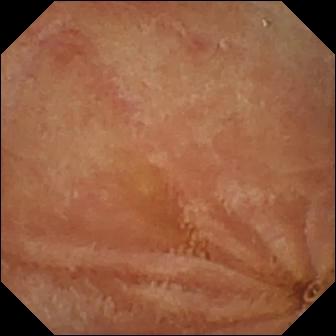Capsule endoscopy image, small bowel
Impression: normal clean mucosa